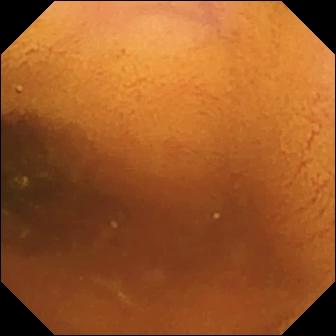- modality: wireless capsule endoscopy
- label: normal clean mucosa